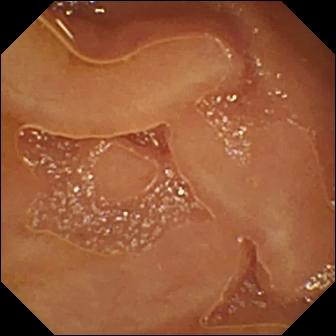- modality: WCE
- segment: small bowel
- category: luminal finding
- observation: normal clean mucosa